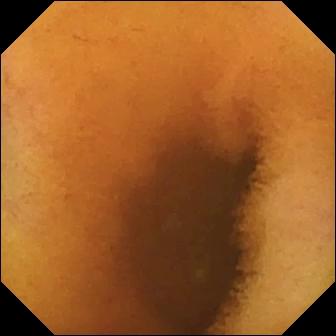- modality: WCE
- observation: normal clean mucosa